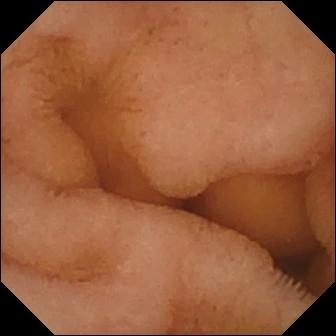Small-bowel capsule endoscopy — normal clean mucosa.